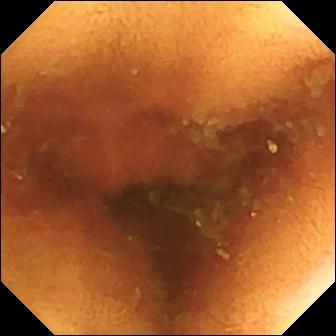WCE image
Impression: normal clean mucosa